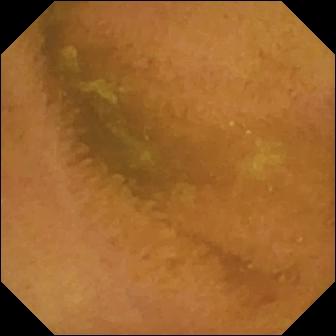- modality: capsule endoscopy
- segment: small bowel
- category: luminal finding
- label: normal clean mucosa